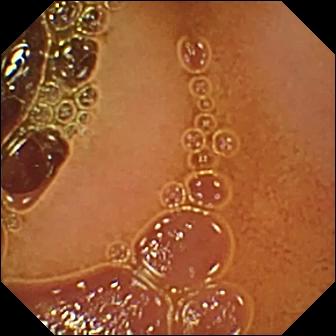Capsule endoscopy image showing normal clean mucosa.